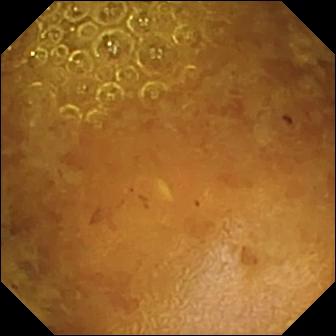This wireless capsule endoscopy frame of the small intestine shows reduced mucosal view (content or bubbles obscuring the mucosa).